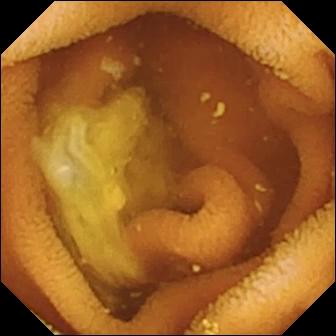Video capsule endoscopy. Small bowel. Label: normal clean mucosa.